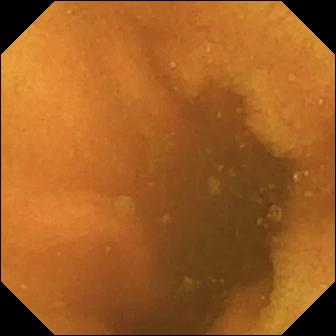Q: What does this small-bowel capsule endoscopy snapshot show?
A: Normal clean mucosa.